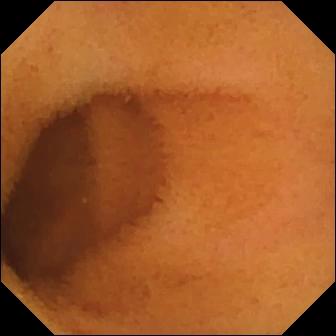- modality: small-bowel capsule endoscopy
- segment: small intestine
- observation: normal clean mucosa